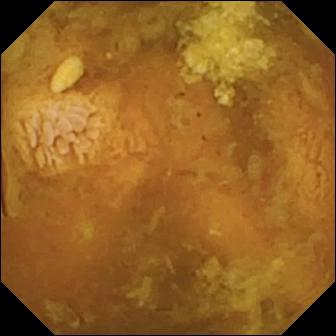Capsule endoscopy — reduced mucosal view (content or bubbles obscuring the mucosa).